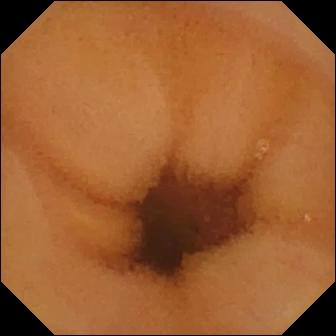Video capsule endoscopy still. Normal clean mucosa.